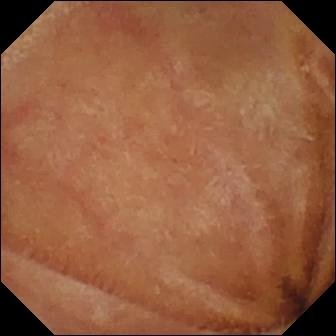modality: small-bowel capsule endoscopy
impression: normal clean mucosa